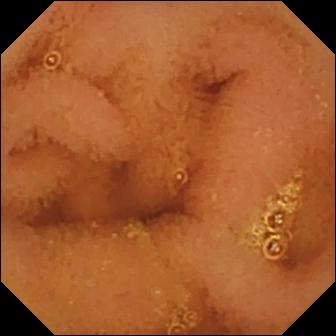Normal clean mucosa.